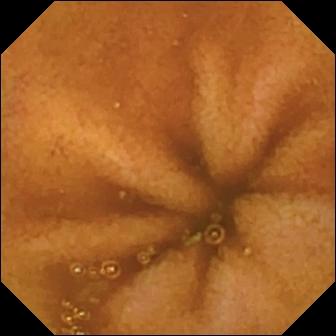WCE image showing normal clean mucosa.